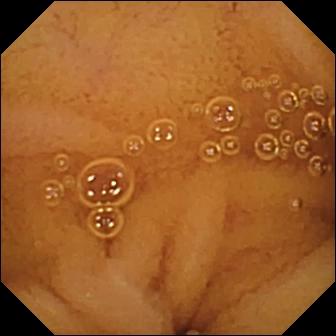{"modality": "WCE", "segment": "small intestine", "finding": "normal clean mucosa"}